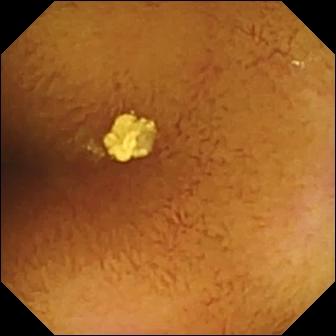Small-bowel capsule endoscopy snapshot showing normal clean mucosa.